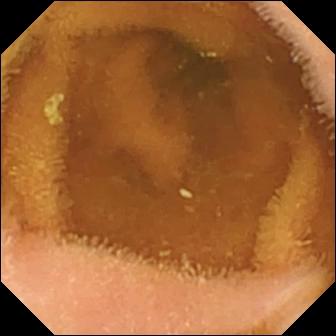Wireless capsule endoscopy image, small intestine
Observation: normal clean mucosa